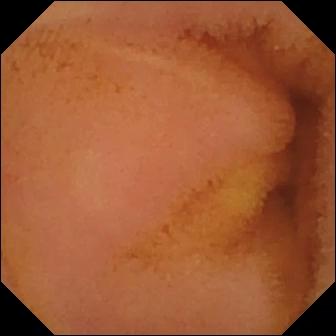{"modality": "video capsule endoscopy", "segment": "small bowel", "finding": "normal clean mucosa"}